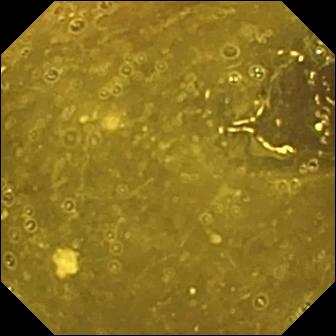Small-bowel capsule endoscopy snapshot. Taken in the ileo-cecal valve region (where the capsule passes from the small bowel into the large bowel).